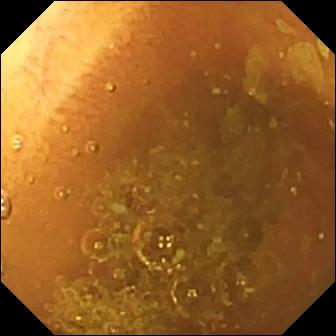WCE — normal clean mucosa.